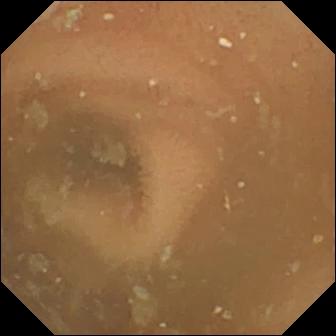Small-bowel capsule endoscopy snapshot
Finding: normal clean mucosa